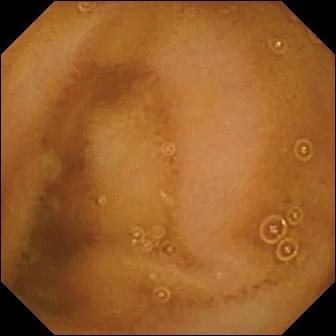Small-bowel capsule endoscopy still (small intestine), 336×336. Normal clean mucosa.